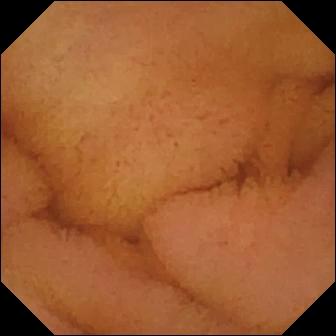Small-bowel capsule endoscopy view (small bowel). Normal clean mucosa.